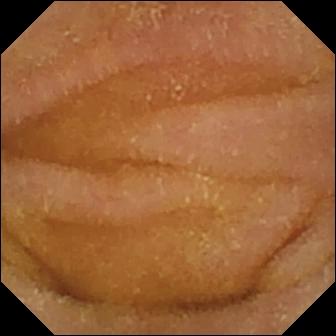Capsule endoscopy snapshot. Normal clean mucosa.